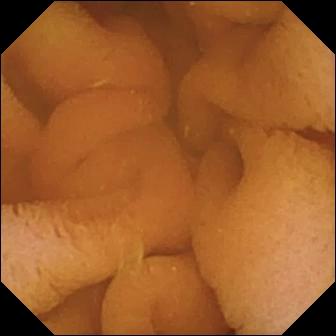{"modality": "video capsule endoscopy", "segment": "small bowel", "finding": "normal clean mucosa"}